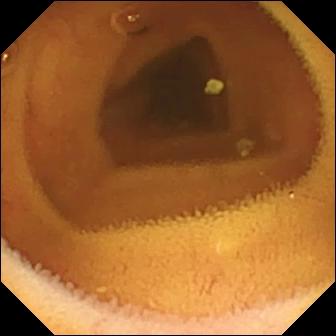PROCEDURE: Wireless capsule endoscopy.
FINDINGS: Normal clean mucosa.